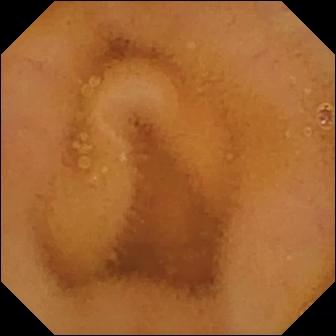This WCE snapshot of the small bowel shows normal clean mucosa.